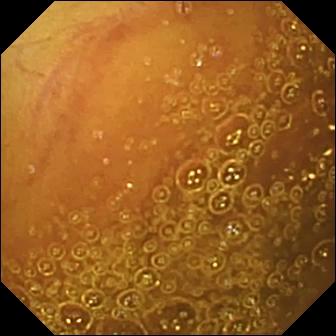VCE — normal clean mucosa.